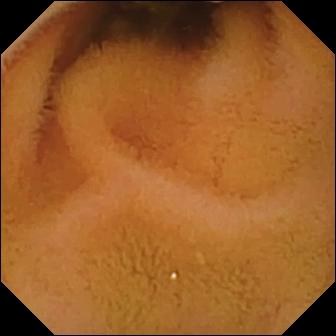Q: What does this wireless capsule endoscopy still of the small intestine show?
A: Normal clean mucosa.